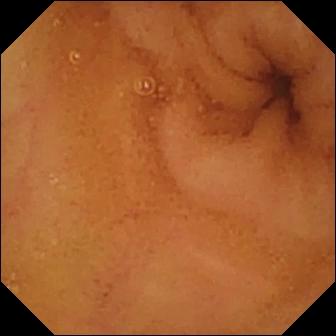Video capsule endoscopy view
Impression: normal clean mucosa